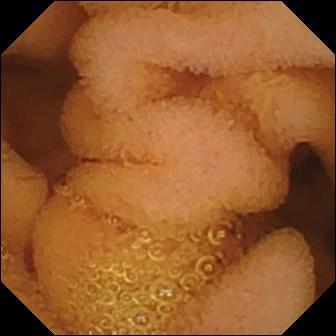Small-bowel capsule endoscopy — normal clean mucosa.